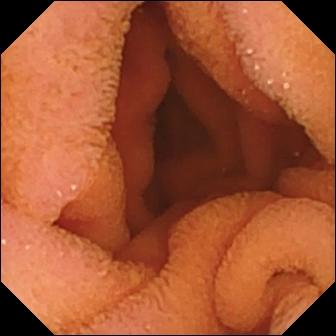WCE frame, small intestine
Impression: normal clean mucosa